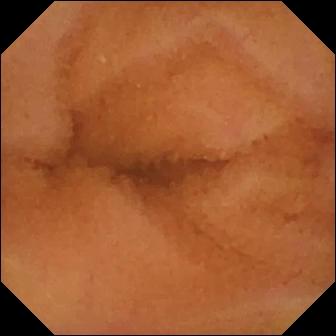PROCEDURE: Capsule endoscopy.
SEGMENT: Small intestine.
FINDINGS: Normal clean mucosa.